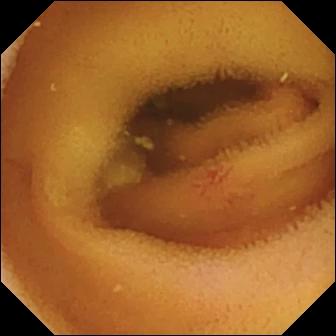Capsule endoscopy still showing angiectasia.